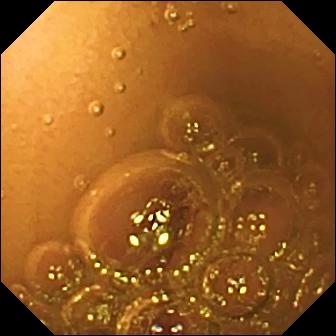Wireless capsule endoscopy. Label: normal clean mucosa.